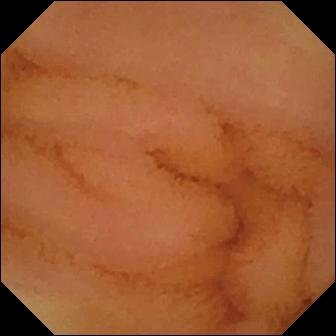Wireless capsule endoscopy still (small intestine). Normal clean mucosa.